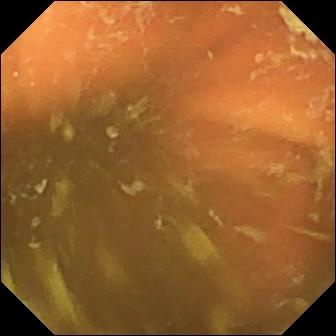modality: small-bowel capsule endoscopy | position: ileo-cecal valve region